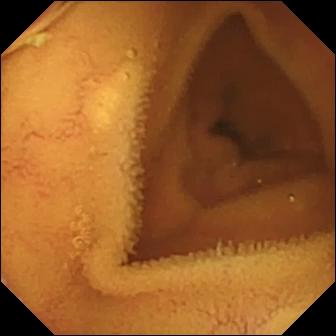Small-bowel capsule endoscopy. Small bowel. Finding: normal clean mucosa.